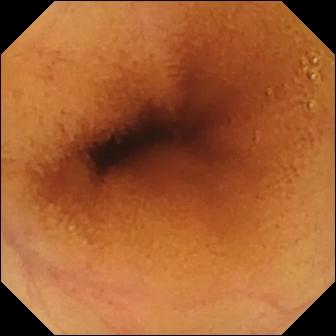WCE view. Normal clean mucosa.